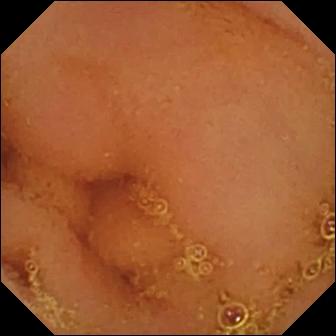Video capsule endoscopy — normal clean mucosa.